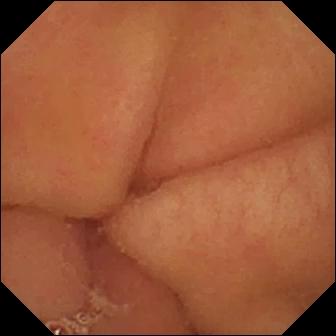Q: Where in the digestive tract was this WCE still taken?
A: Pylorus region (the junction between the stomach and the small bowel).